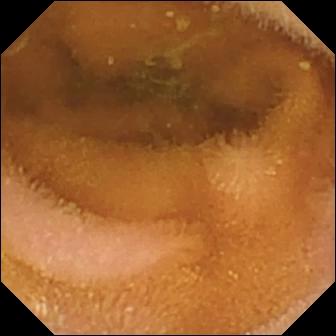Normal clean mucosa.